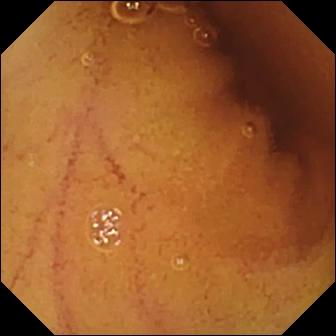Small-bowel capsule endoscopy still showing normal clean mucosa.